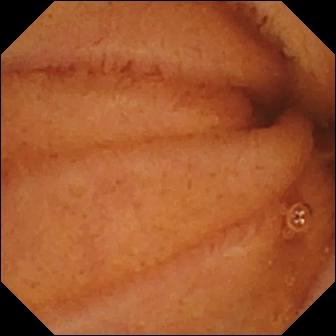Wireless capsule endoscopy. Luminal finding. Impression: normal clean mucosa.